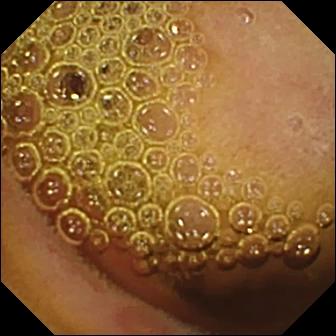Small-bowel capsule endoscopy — erosion.